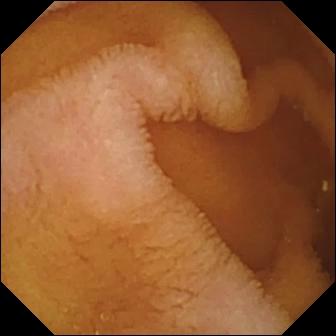Normal clean mucosa — VCE view of the small intestine.